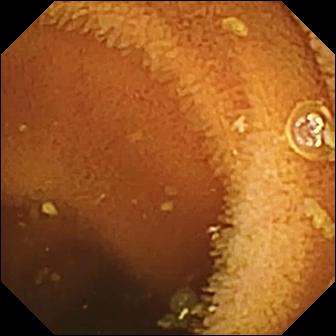- modality: small-bowel capsule endoscopy
- segment: small intestine
- category: luminal finding
- observation: normal clean mucosa